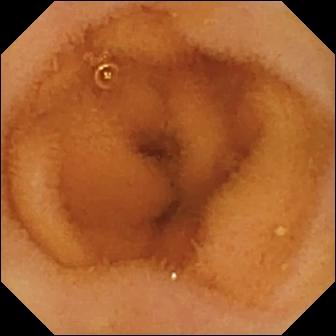Normal clean mucosa — video capsule endoscopy frame.